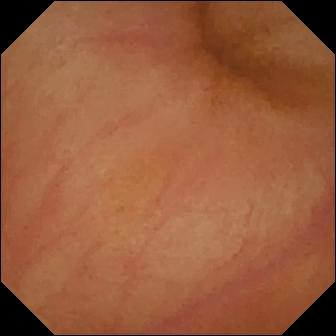Capsule endoscopy — erythema (mucosal redness).